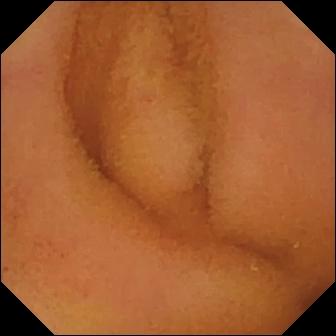VCE image, 336×336. Normal clean mucosa.